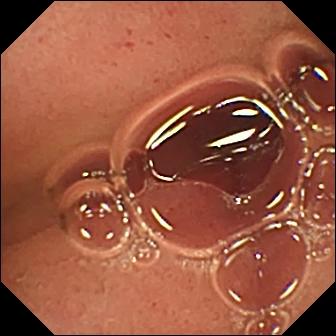Video capsule endoscopy frame
Label: pylorus region (the junction between the stomach and the small bowel)